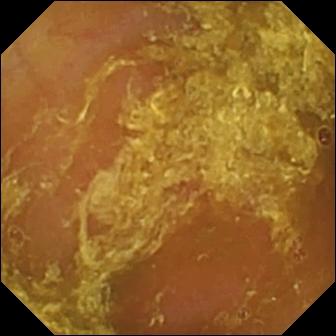Capsule endoscopy still of the small bowel showing reduced mucosal view (content or bubbles obscuring the mucosa).